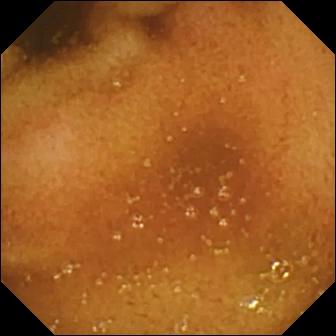{"modality": "VCE", "finding": "normal clean mucosa"}